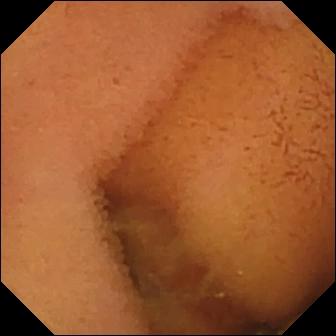- modality: wireless capsule endoscopy
- observation: normal clean mucosa